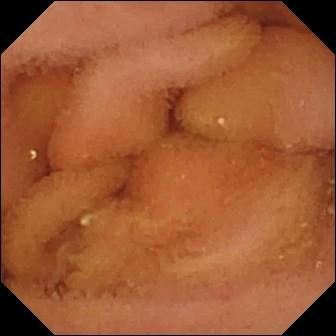Normal clean mucosa — VCE snapshot.